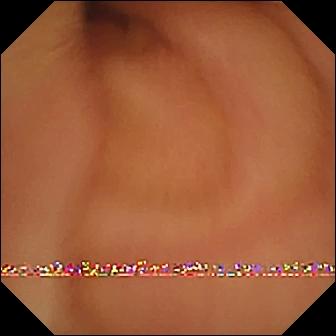VCE. Small bowel. Observation: normal clean mucosa.